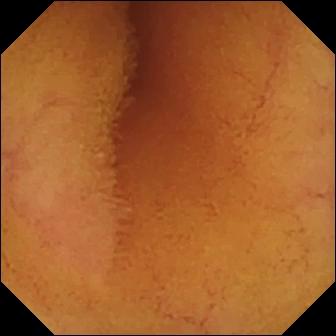Q: What does this capsule endoscopy image show?
A: Normal clean mucosa.